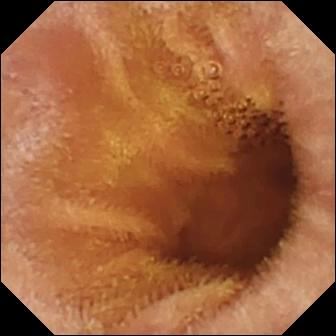Q: What does this WCE image show?
A: Normal clean mucosa.